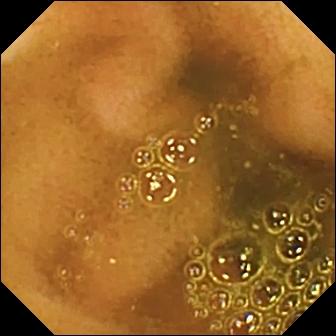Small-bowel capsule endoscopy view, 336×336. Taken in the ileo-cecal valve region (where the capsule passes from the small bowel into the large bowel).